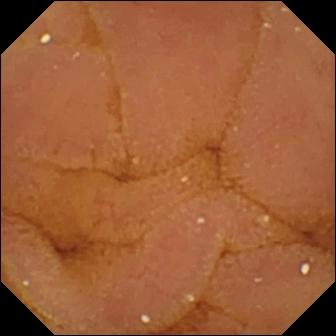Small-bowel capsule endoscopy image
Finding: normal clean mucosa